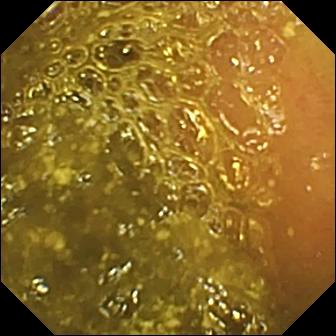PROCEDURE: Capsule endoscopy.
LABEL: Ileo-cecal valve region (where the capsule passes from the small bowel into the large bowel).